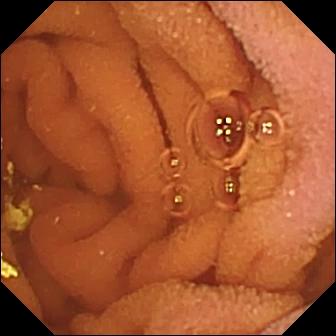WCE view. Normal clean mucosa.